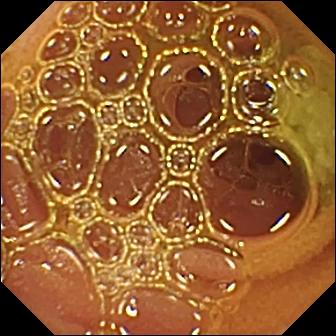Normal clean mucosa — video capsule endoscopy frame of the small bowel.